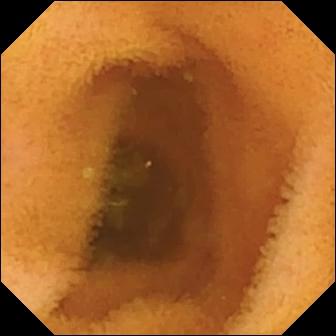Normal clean mucosa — wireless capsule endoscopy view of the small bowel.